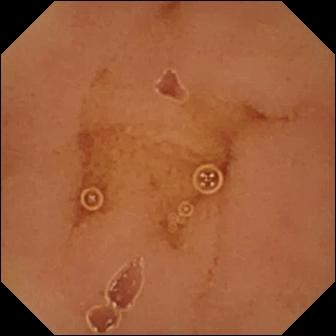- modality: capsule endoscopy
- segment: small bowel
- impression: normal clean mucosa